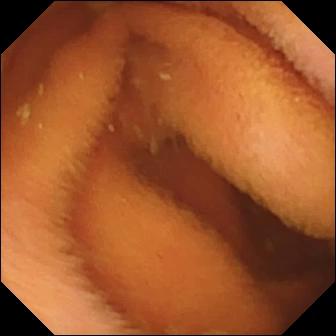Q: What does this VCE snapshot of the small bowel show?
A: Normal clean mucosa.